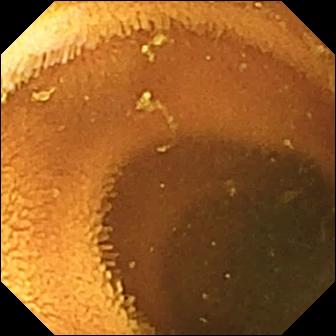Normal clean mucosa — small-bowel capsule endoscopy image.